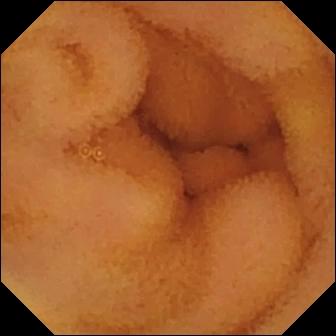Small-bowel capsule endoscopy — normal clean mucosa.